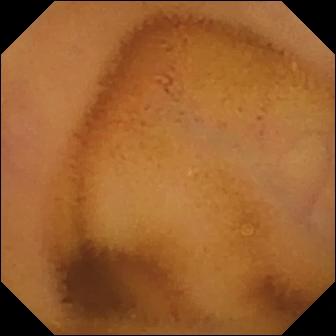Video capsule endoscopy. Impression: normal clean mucosa.